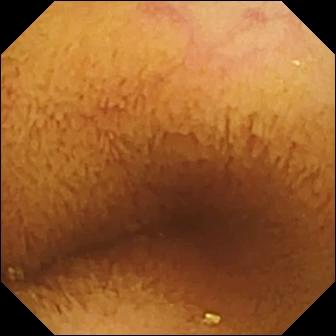Video capsule endoscopy still, small bowel
Label: normal clean mucosa